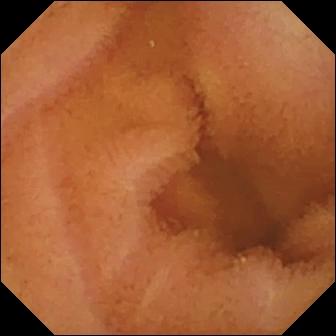modality: WCE; observation: normal clean mucosa